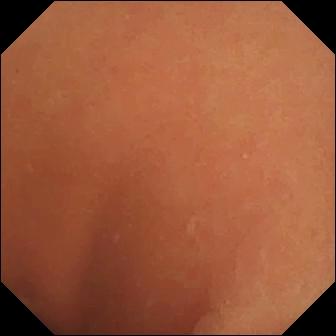Normal clean mucosa (336×336).